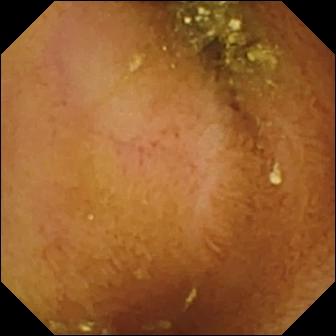Video capsule endoscopy frame showing normal clean mucosa.